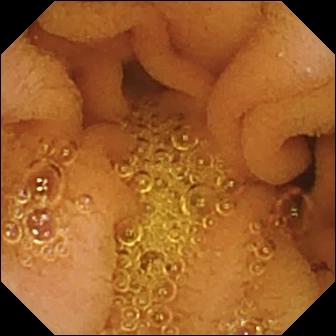modality: VCE | segment: small intestine | observation: normal clean mucosa